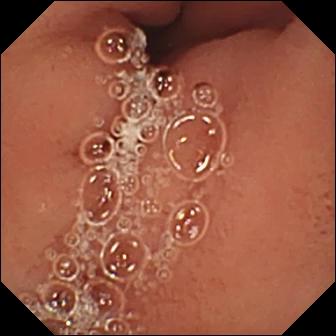WCE still, 336×336. Taken in the pylorus region (where the capsule passes from the stomach into the small bowel).